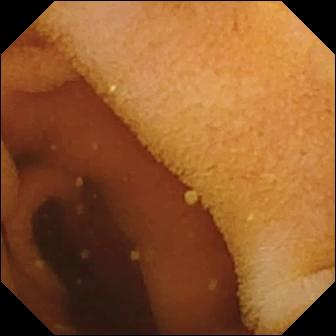Capsule endoscopy — normal clean mucosa.